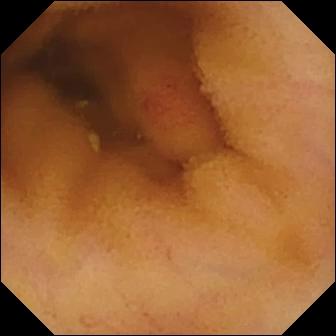VCE. Luminal finding. Observation: angiectasia.